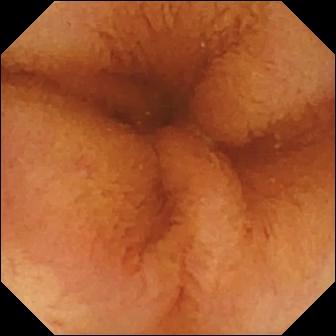Normal clean mucosa — WCE snapshot.